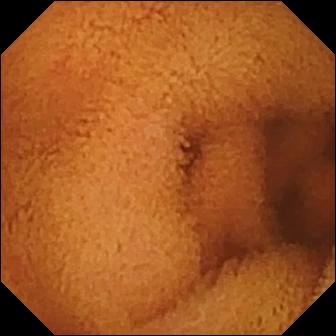modality: VCE; observation: normal clean mucosa